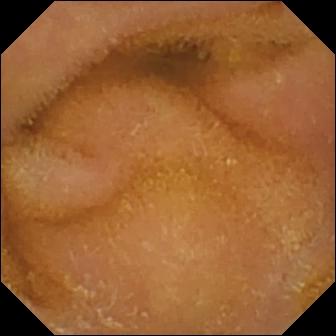Wireless capsule endoscopy still
Finding: normal clean mucosa